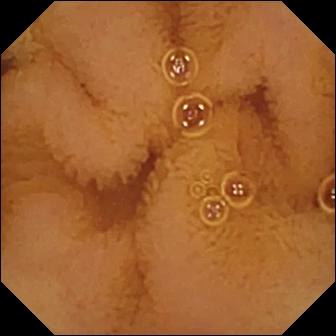This capsule endoscopy snapshot shows normal clean mucosa.